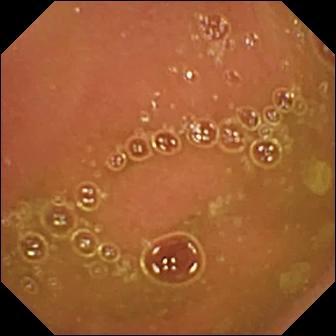{"modality": "wireless capsule endoscopy", "finding": "normal clean mucosa"}